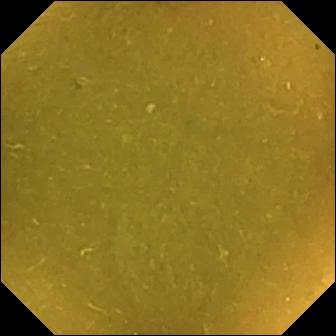Ileo-cecal valve region — small-bowel capsule endoscopy still.